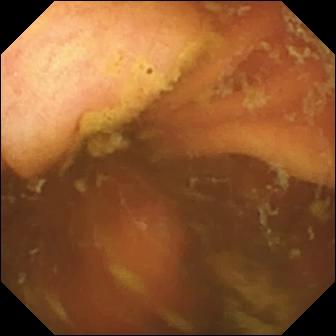WCE frame
Location: ileo-cecal valve region (the transition from the small bowel to the large bowel)